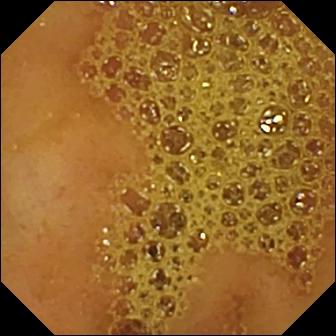modality: capsule endoscopy; location: ileo-cecal valve region